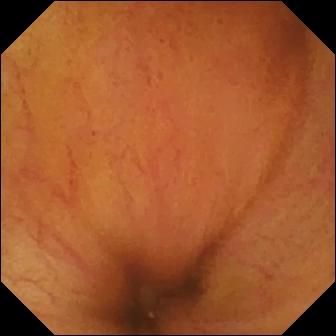Q: Where in the digestive tract was this small-bowel capsule endoscopy image taken?
A: Ileo-cecal valve region (where the capsule passes from the small bowel into the large bowel).